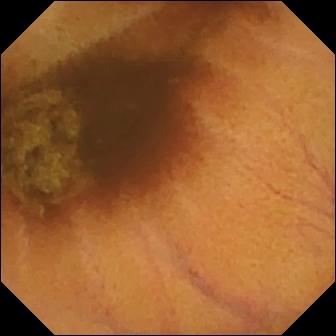VCE view showing normal clean mucosa.